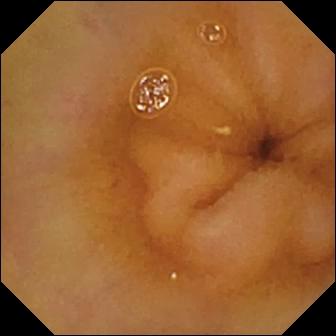Q: What does this small-bowel capsule endoscopy frame show?
A: Normal clean mucosa.